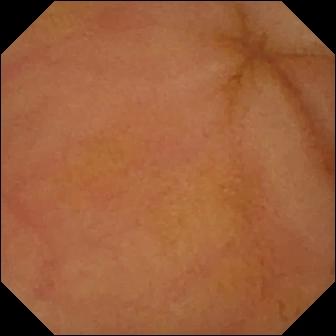Wireless capsule endoscopy — erythema (mucosal redness).